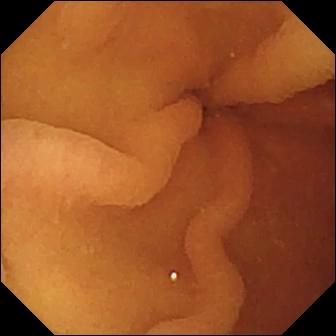Q: Where in the digestive tract was this WCE frame taken?
A: Pylorus region (the junction between the stomach and the small bowel).